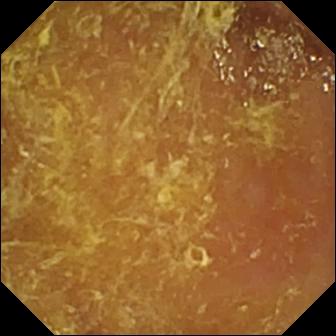{"modality": "video capsule endoscopy", "finding": "reduced mucosal view (content or bubbles obscuring the mucosa)"}